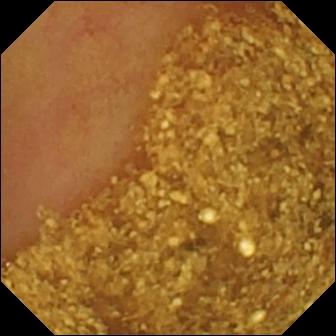Wireless capsule endoscopy view. Taken in the ileo-cecal valve region (where the capsule passes from the small bowel into the large bowel).